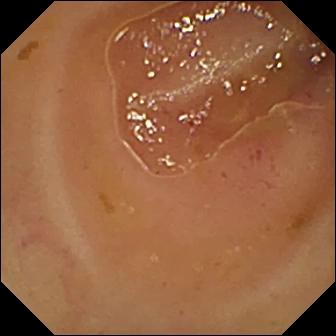Video capsule endoscopy snapshot
Impression: erythema (mucosal redness)